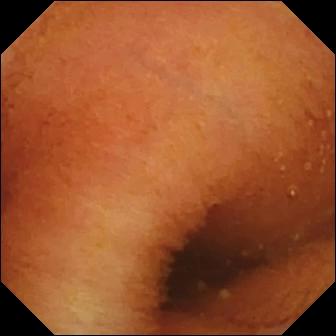Wireless capsule endoscopy still showing normal clean mucosa.